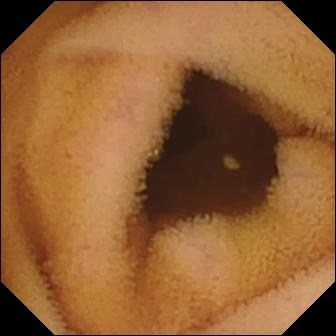{"modality": "capsule endoscopy", "finding": "normal clean mucosa"}